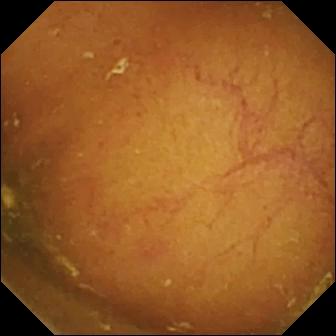Ileo-cecal valve region (where the capsule passes from the small bowel into the large bowel).